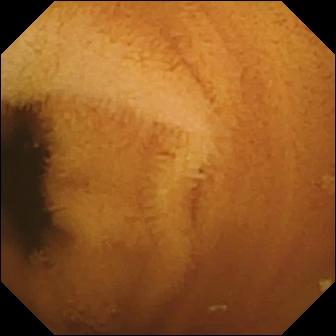Normal clean mucosa — video capsule endoscopy view of the small intestine.